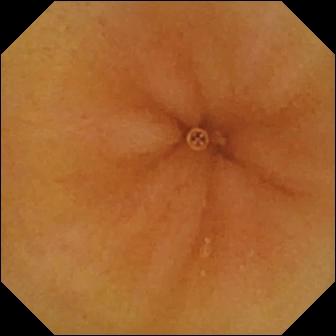This WCE view shows normal clean mucosa.